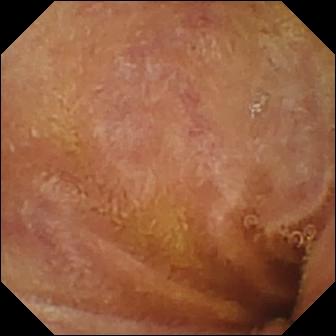Capsule endoscopy frame of the small intestine showing normal clean mucosa.